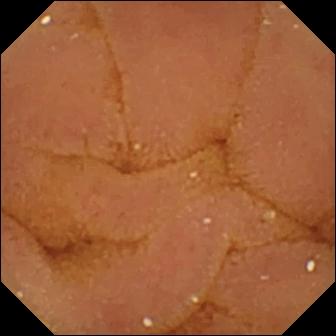Normal clean mucosa.